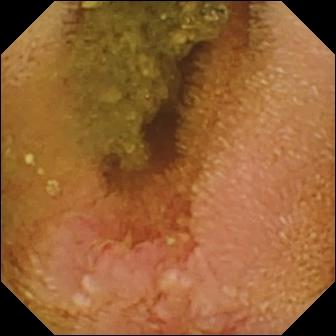Video capsule endoscopy image. Erosion.